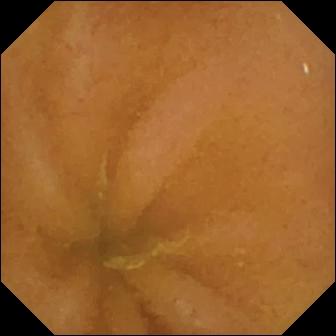- modality: VCE
- segment: small intestine
- category: luminal finding
- observation: normal clean mucosa